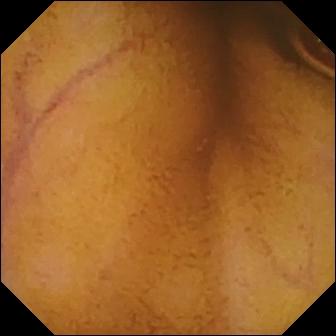Video capsule endoscopy — normal clean mucosa.